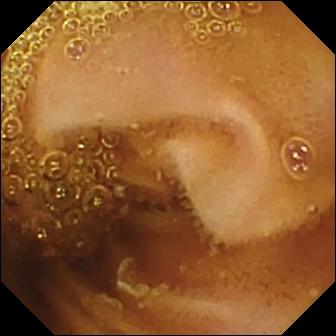modality: wireless capsule endoscopy; segment: small intestine; observation: normal clean mucosa